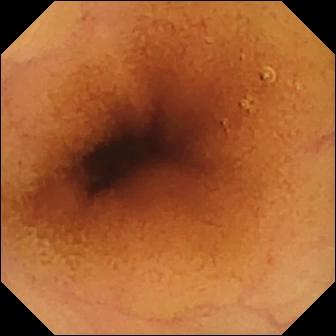Wireless capsule endoscopy image, small intestine
Finding: normal clean mucosa